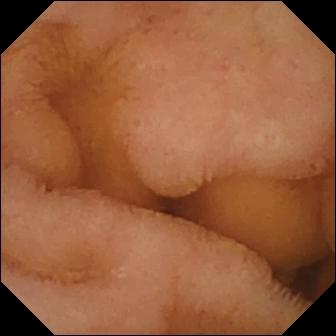Wireless capsule endoscopy snapshot showing normal clean mucosa.